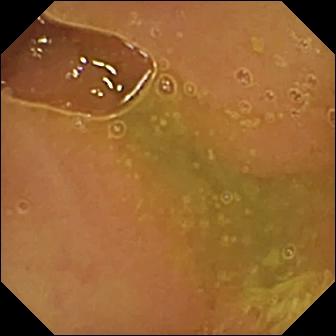Normal clean mucosa.